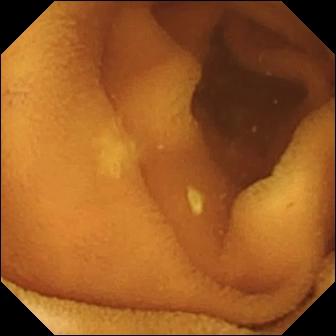- modality: WCE
- impression: normal clean mucosa